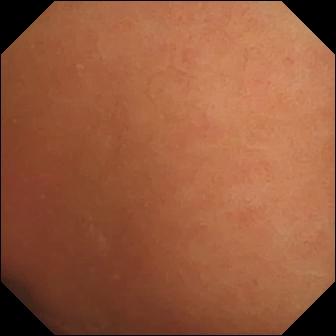Video capsule endoscopy view
Finding: normal clean mucosa